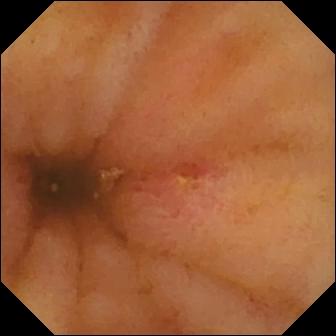VCE snapshot showing ulcer.